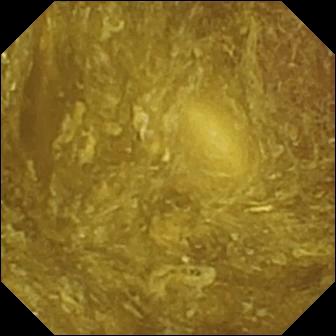modality: capsule endoscopy; segment: small intestine; finding: reduced mucosal view (content or bubbles obscuring the mucosa)